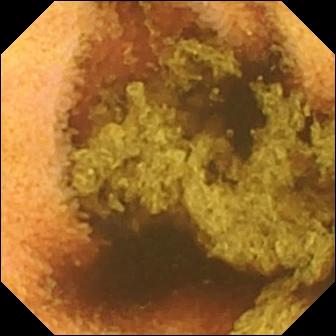Normal clean mucosa — VCE snapshot of the small intestine.